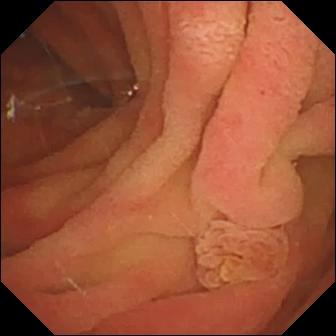Wireless capsule endoscopy — ampulla of Vater (major duodenal papilla).